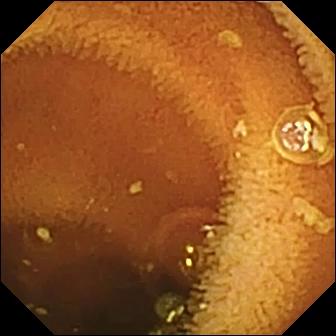WCE. Luminal finding. Observation: normal clean mucosa.